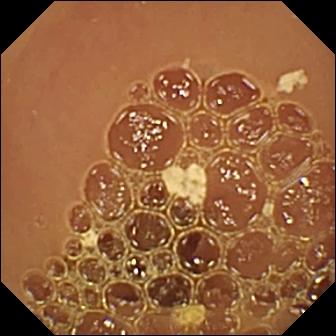- modality: video capsule endoscopy
- label: normal clean mucosa